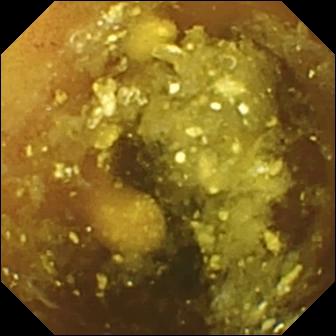Wireless capsule endoscopy still. Lymphangiectasia.